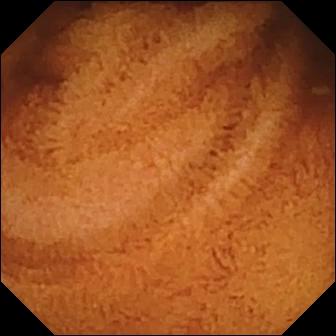- modality: video capsule endoscopy
- segment: small intestine
- observation: normal clean mucosa